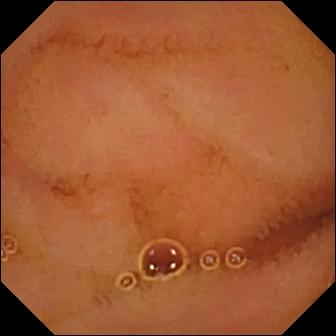This WCE frame of the small intestine shows normal clean mucosa.